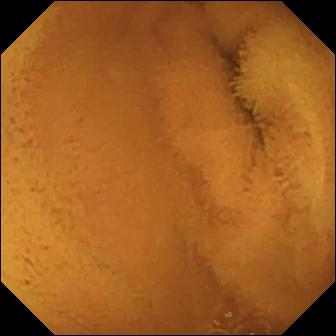VCE frame, small bowel
Finding: normal clean mucosa